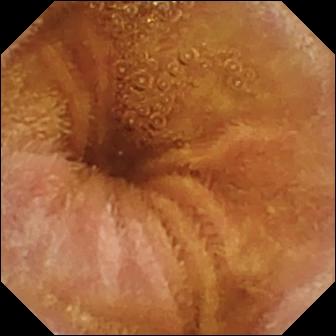- modality: WCE
- segment: small bowel
- observation: normal clean mucosa